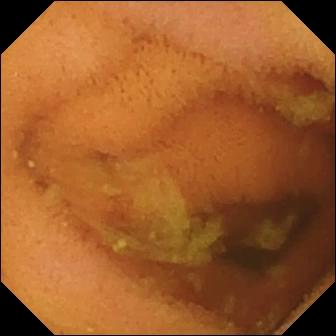Normal clean mucosa — capsule endoscopy snapshot.